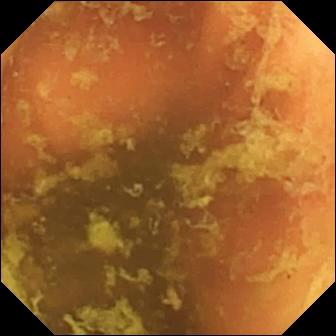Video capsule endoscopy image
Location: ileo-cecal valve region (where the capsule passes from the small bowel into the large bowel)